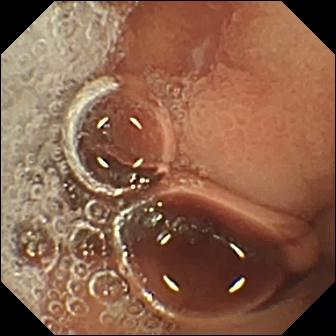Video capsule endoscopy snapshot showing erosion.